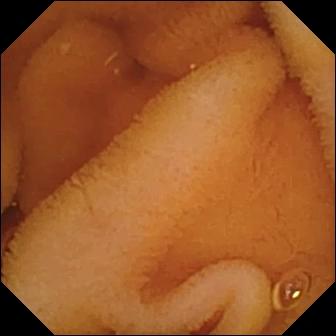Small-bowel capsule endoscopy frame
Observation: normal clean mucosa